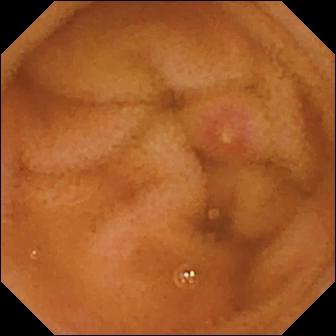WCE still showing erosion.